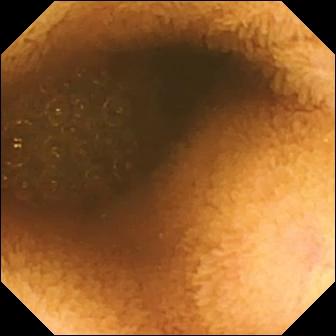Q: What does this WCE snapshot of the small bowel show?
A: Reduced mucosal view (content or bubbles obscuring the mucosa).